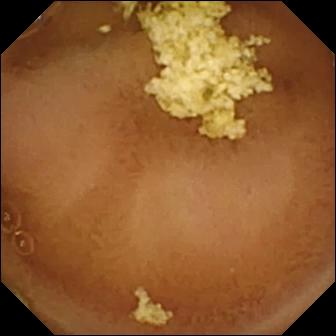Normal clean mucosa — small-bowel capsule endoscopy image of the small bowel.